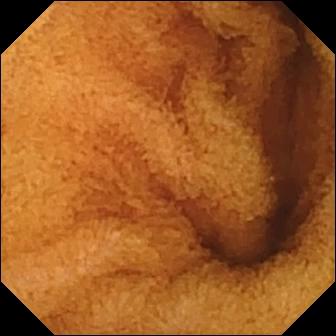Video capsule endoscopy snapshot. Normal clean mucosa.